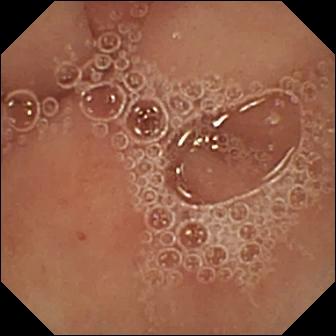Video capsule endoscopy — pylorus region (where the capsule passes from the stomach into the small bowel).